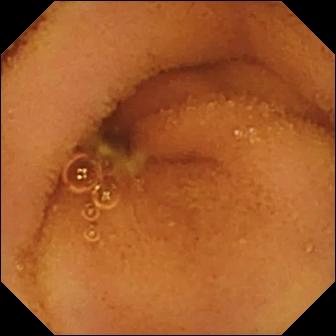Q: What does this VCE frame of the small intestine show?
A: Normal clean mucosa.